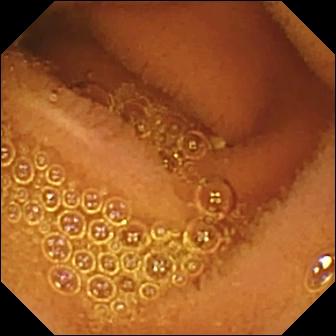PROCEDURE: VCE.
SEGMENT: Small bowel.
FINDINGS: Normal clean mucosa.